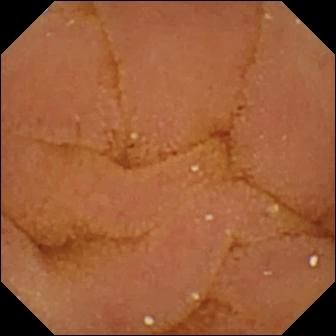Video capsule endoscopy — normal clean mucosa.